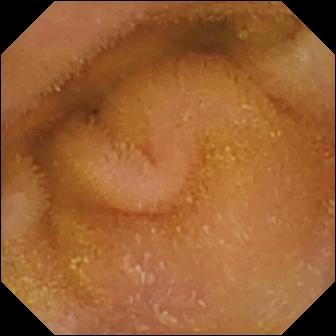Normal clean mucosa (336×336).